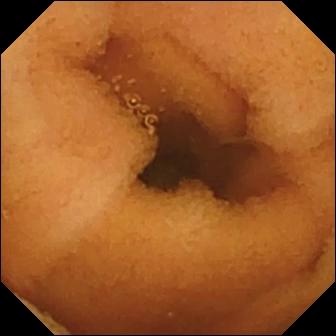This wireless capsule endoscopy frame shows normal clean mucosa.